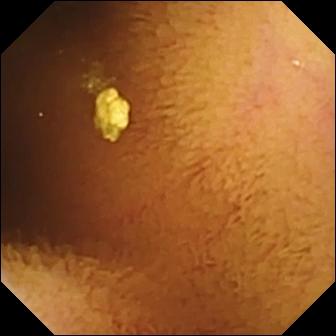Small-bowel capsule endoscopy frame, small intestine
Label: normal clean mucosa